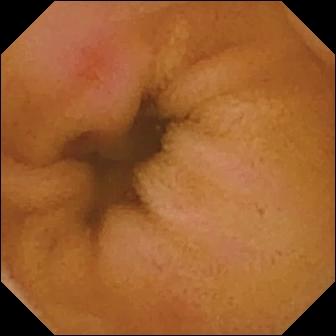PROCEDURE: VCE.
FINDINGS: Erythema (mucosal redness).